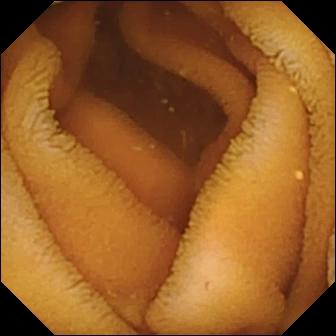This small-bowel capsule endoscopy snapshot of the small bowel shows normal clean mucosa.